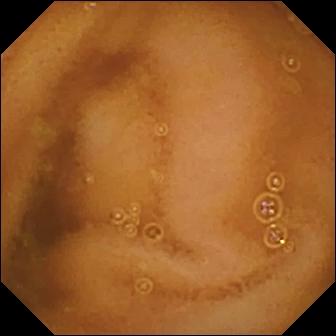modality: VCE | finding: normal clean mucosa